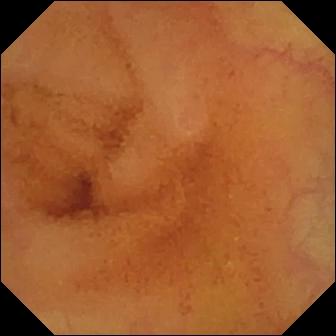Small-bowel capsule endoscopy. Impression: normal clean mucosa.